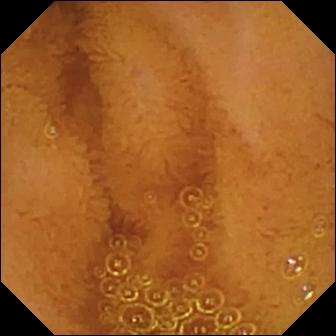Capsule endoscopy. Observation: normal clean mucosa.